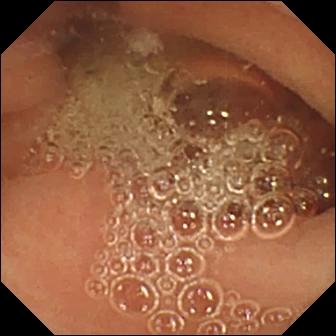WCE still. Normal clean mucosa.